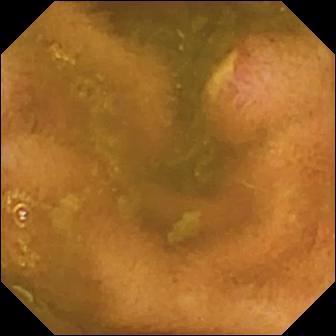Video capsule endoscopy — ulcer.